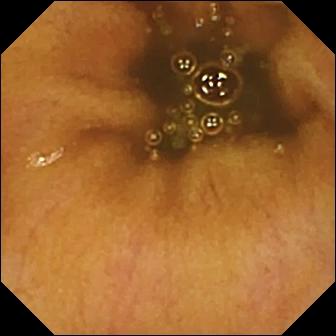Capsule endoscopy image of the small intestine showing normal clean mucosa.